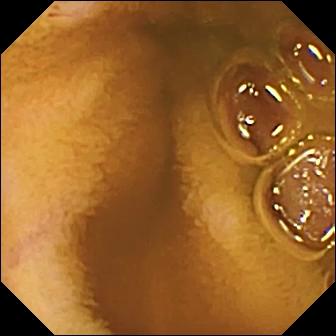This wireless capsule endoscopy view of the small bowel shows normal clean mucosa.